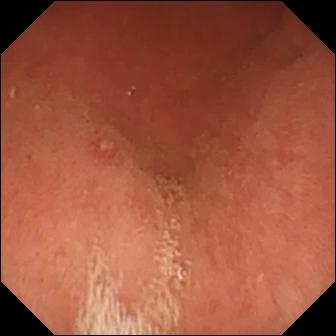Pylorus region (where the capsule passes from the stomach into the small bowel) — video capsule endoscopy still.